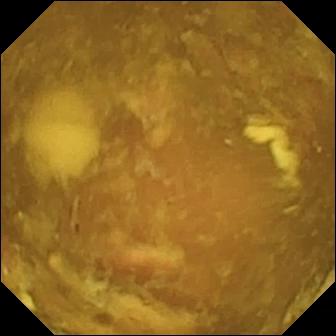modality: wireless capsule endoscopy
observation: reduced mucosal view (content or bubbles obscuring the mucosa)